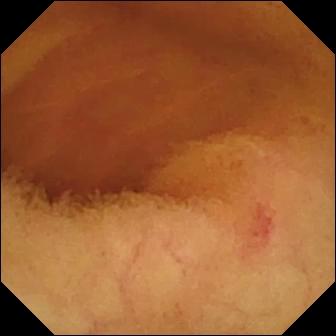WCE frame showing angiectasia.